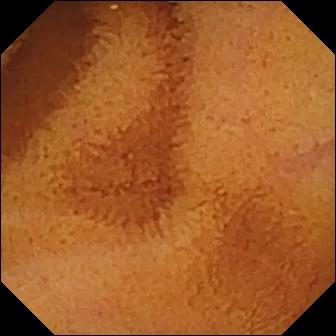Small-bowel capsule endoscopy — normal clean mucosa.